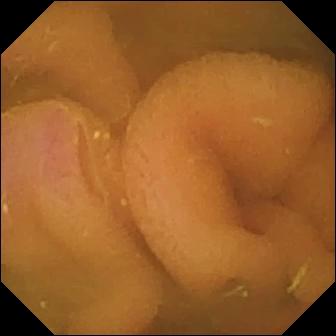- modality: capsule endoscopy
- label: normal clean mucosa